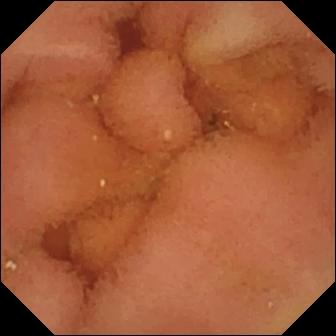Normal clean mucosa (336×336).